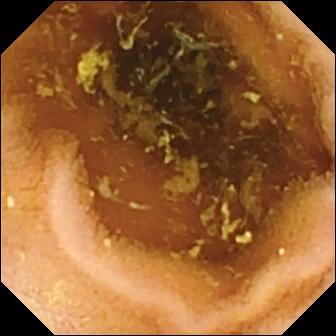modality: wireless capsule endoscopy | finding: normal clean mucosa